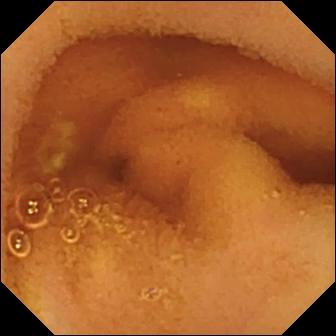Normal clean mucosa — small-bowel capsule endoscopy image of the small intestine.